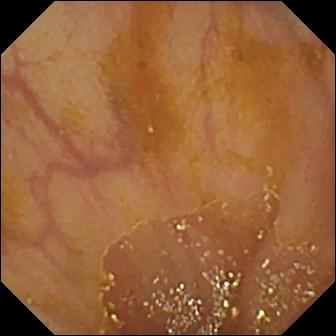- modality: small-bowel capsule endoscopy
- position: ileo-cecal valve region (where the capsule passes from the small bowel into the large bowel)